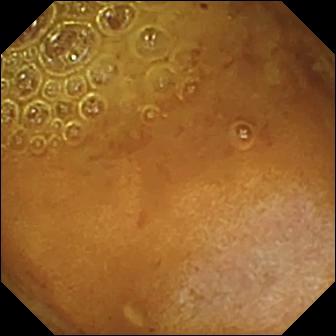Small-bowel capsule endoscopy. Observation: reduced mucosal view (content or bubbles obscuring the mucosa).